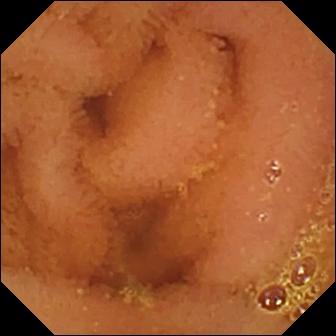modality: video capsule endoscopy
segment: small intestine
label: normal clean mucosa